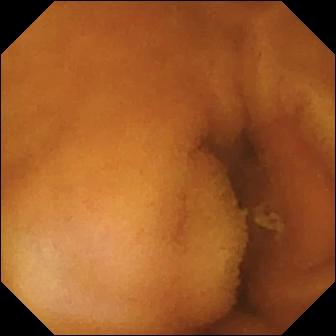modality: small-bowel capsule endoscopy
segment: small bowel
impression: normal clean mucosa